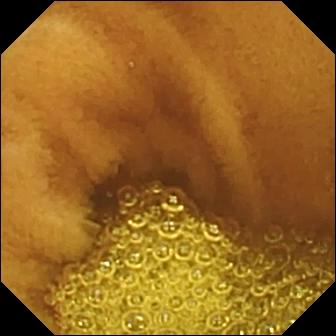Wireless capsule endoscopy. Small intestine. Observation: normal clean mucosa.